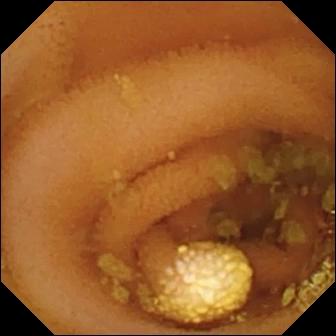Q: What does this small-bowel capsule endoscopy still show?
A: Lymphangiectasia.